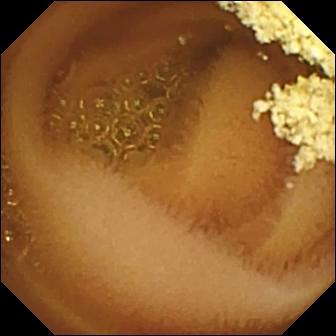Capsule endoscopy. Small bowel. Luminal finding. Finding: normal clean mucosa.